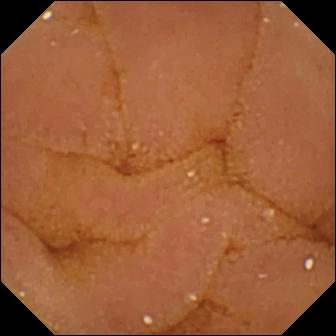VCE. Luminal finding. Observation: normal clean mucosa.